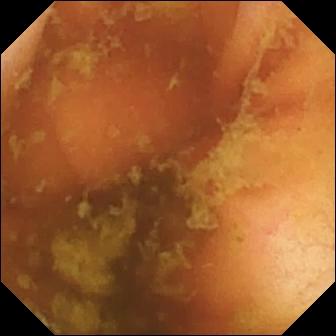Video capsule endoscopy still
Video segment: ileo-cecal valve region (the transition from the small bowel to the large bowel)